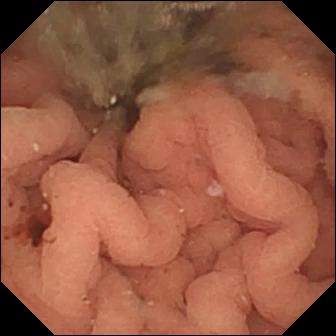Wireless capsule endoscopy still showing fresh blood in the lumen.